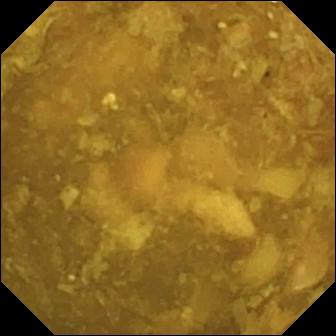PROCEDURE: WCE.
FINDINGS: Reduced mucosal view (content or bubbles obscuring the mucosa).